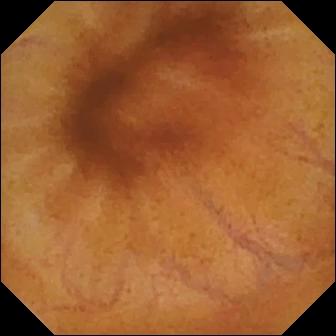WCE — normal clean mucosa.